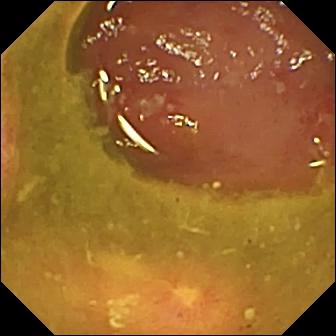{"modality": "capsule endoscopy", "finding": "ulcer"}